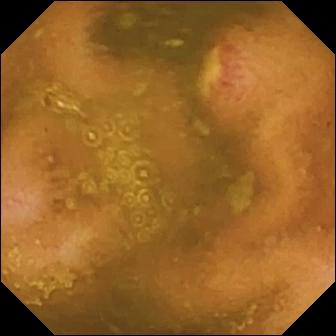VCE still
Impression: ulcer